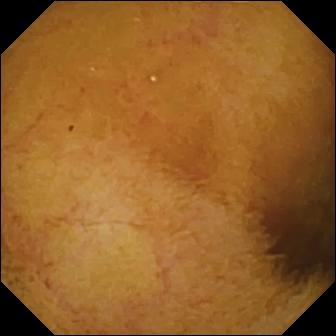modality: wireless capsule endoscopy | segment: small intestine | category: luminal finding | impression: normal clean mucosa